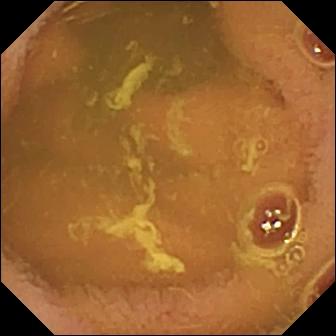WCE still
Label: normal clean mucosa